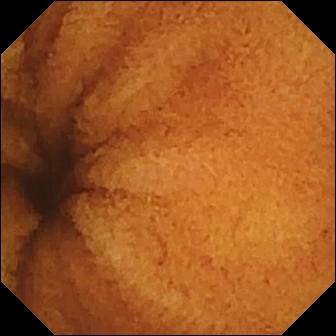Wireless capsule endoscopy image, small intestine
Impression: normal clean mucosa